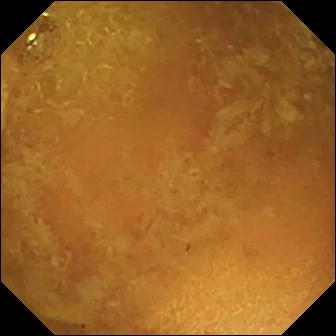Reduced mucosal view (content or bubbles obscuring the mucosa).